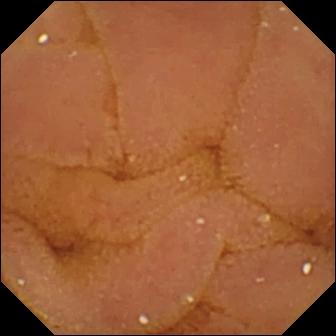Small-bowel capsule endoscopy — normal clean mucosa.